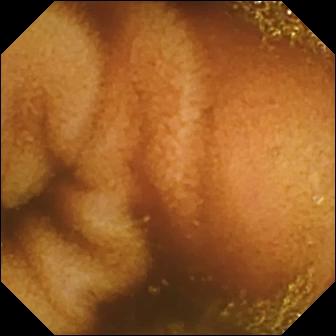Normal clean mucosa — WCE frame of the small bowel.